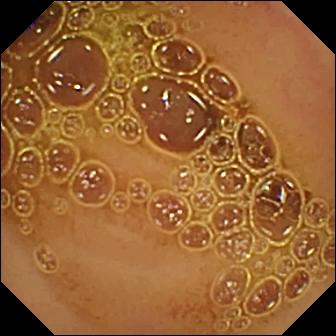WCE image. Normal clean mucosa.